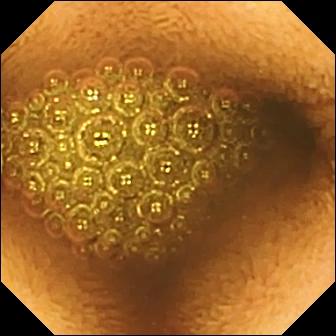Small-bowel capsule endoscopy — reduced mucosal view (content or bubbles obscuring the mucosa).